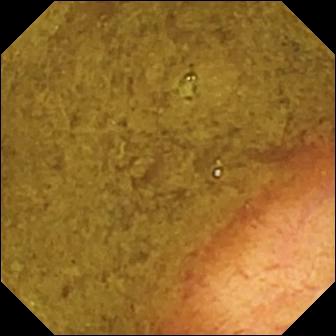modality: small-bowel capsule endoscopy
location: ileo-cecal valve region (the transition from the small bowel to the large bowel)